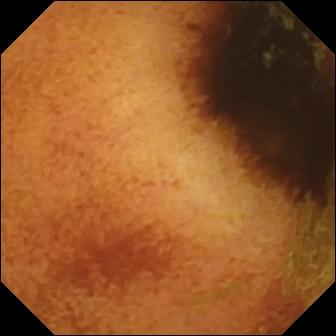This small-bowel capsule endoscopy view of the small intestine shows normal clean mucosa.